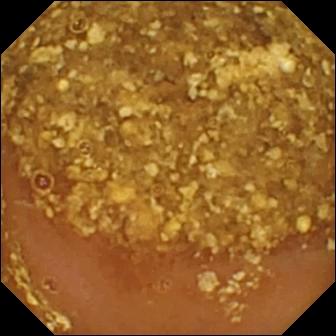Reduced mucosal view (content or bubbles obscuring the mucosa) (336×336).